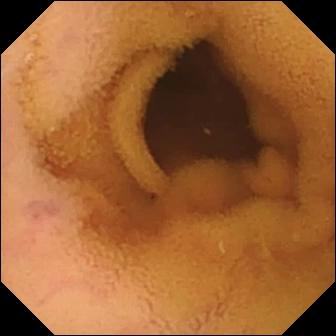Normal clean mucosa — wireless capsule endoscopy view of the small bowel.